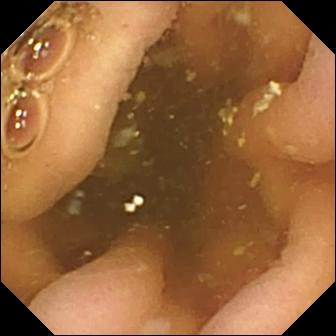This wireless capsule endoscopy snapshot was taken in the pylorus region (the junction between the stomach and the small bowel).